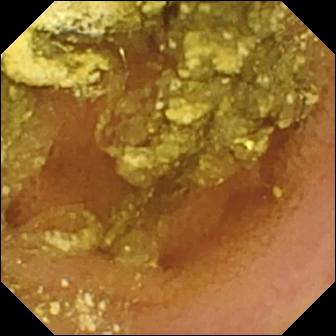Normal clean mucosa.